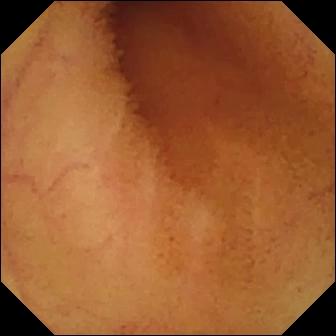Small-bowel capsule endoscopy image (small bowel). Normal clean mucosa.